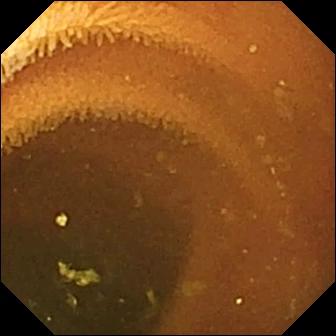modality: small-bowel capsule endoscopy; label: normal clean mucosa